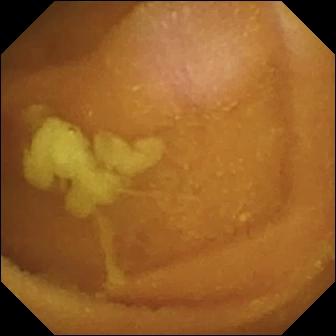Video capsule endoscopy. Observation: normal clean mucosa.